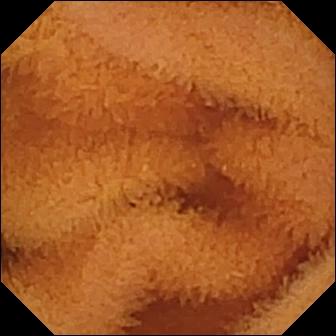Video capsule endoscopy — normal clean mucosa.